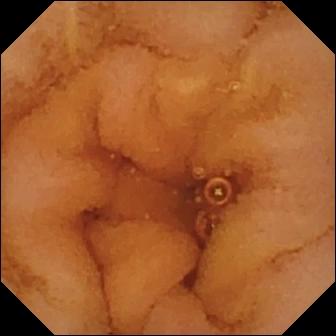WCE snapshot of the small bowel showing normal clean mucosa.